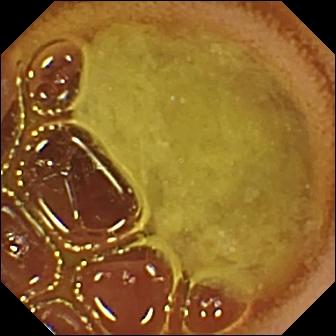WCE. Small bowel. Luminal finding. Observation: normal clean mucosa.